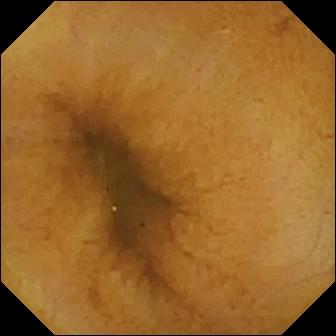{"modality": "capsule endoscopy", "finding": "normal clean mucosa"}